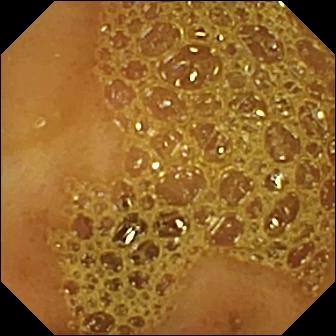Wireless capsule endoscopy frame taken in the ileo-cecal valve region (the transition from the small bowel to the large bowel).